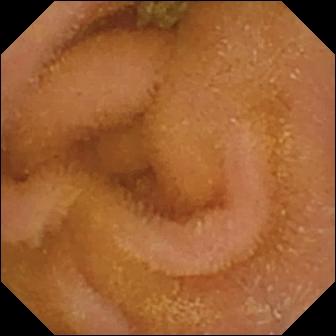Normal clean mucosa.